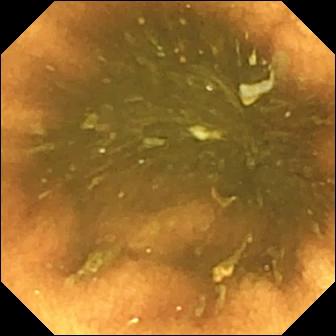Ileo-cecal valve region — WCE snapshot.